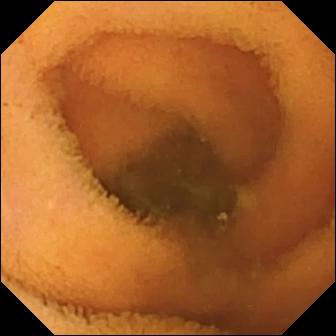Capsule endoscopy. Small intestine. Impression: normal clean mucosa.